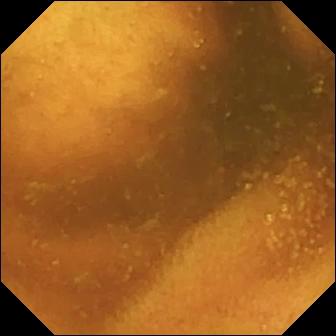modality: capsule endoscopy | finding: normal clean mucosa